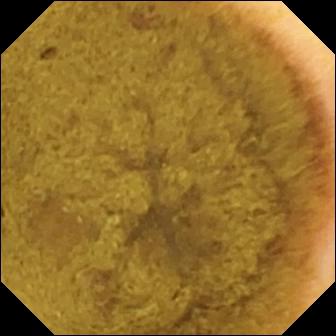WCE still, 336×336. Taken in the ileo-cecal valve region (the transition from the small bowel to the large bowel).